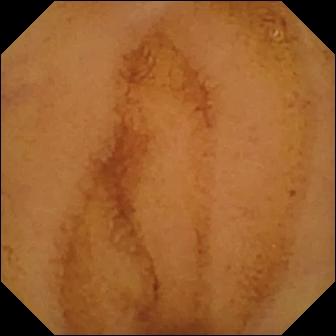Small-bowel capsule endoscopy — normal clean mucosa.